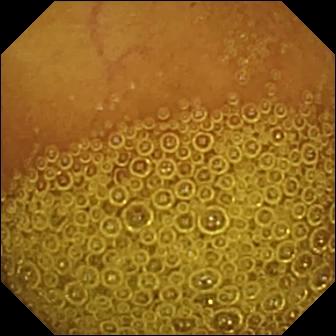Small-bowel capsule endoscopy — normal clean mucosa.